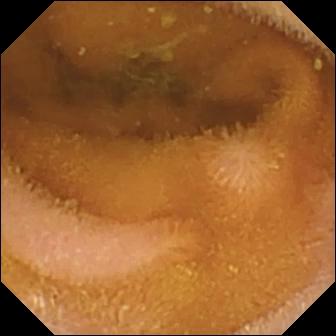Small-bowel capsule endoscopy view showing normal clean mucosa.